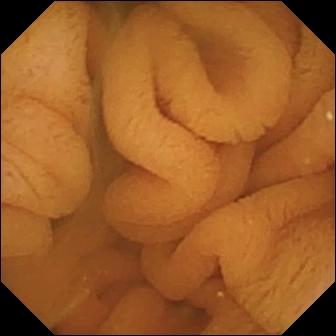- modality: capsule endoscopy
- label: normal clean mucosa